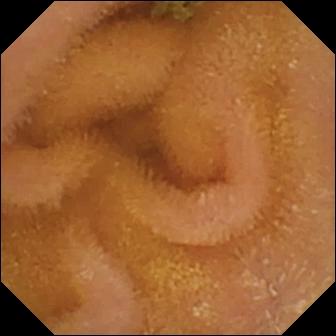Normal clean mucosa — VCE frame.